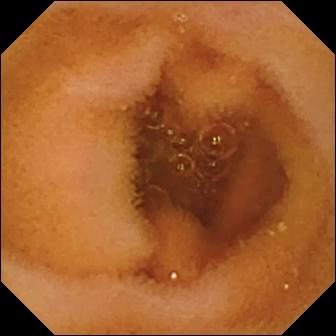WCE — normal clean mucosa.